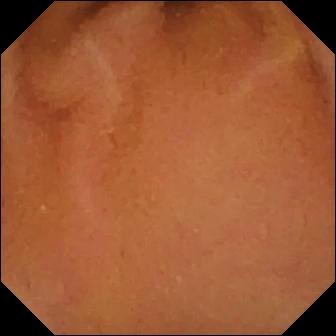{"modality": "VCE", "segment": "small intestine", "finding": "normal clean mucosa"}